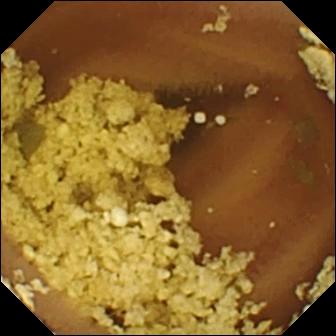Small-bowel capsule endoscopy snapshot (small intestine), 336×336. Normal clean mucosa.